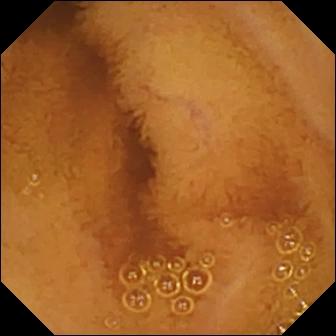- modality: WCE
- category: luminal finding
- finding: normal clean mucosa